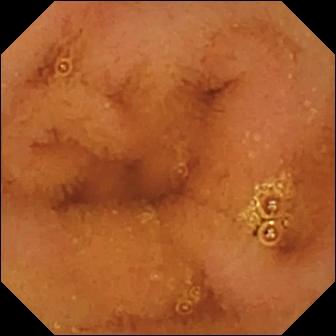Video capsule endoscopy snapshot, small bowel
Impression: normal clean mucosa